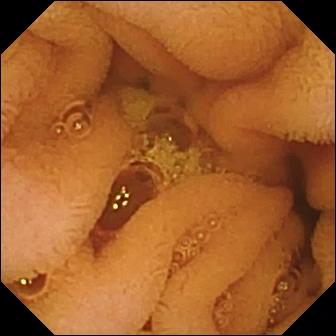Normal clean mucosa — VCE image.